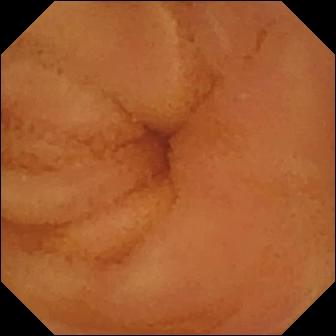PROCEDURE: Small-bowel capsule endoscopy.
FINDINGS: Normal clean mucosa.